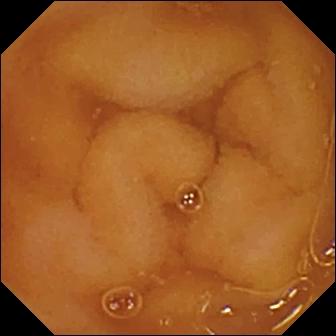PROCEDURE: Video capsule endoscopy.
FINDINGS: Normal clean mucosa.